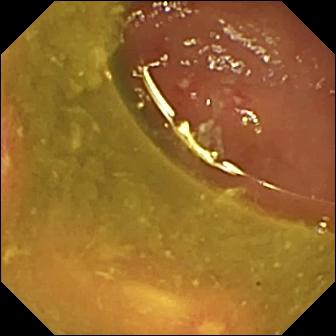{"modality": "capsule endoscopy", "category": "luminal finding", "finding": "ulcer"}